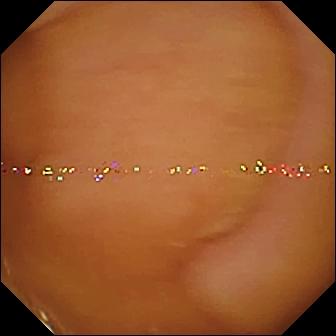WCE. Small intestine. Luminal finding. Observation: normal clean mucosa.